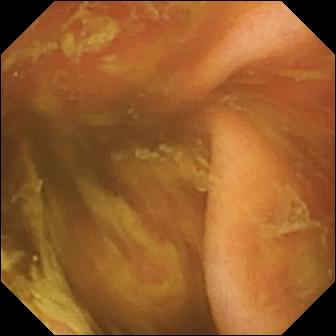VCE still, 336×336. Taken in the ileo-cecal valve region.